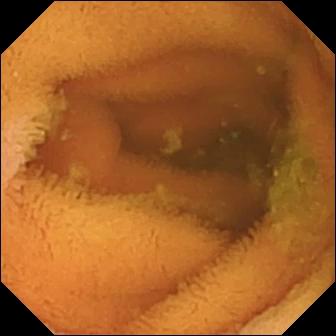modality: capsule endoscopy | label: normal clean mucosa